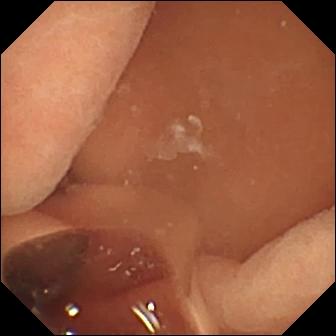VCE — normal clean mucosa.